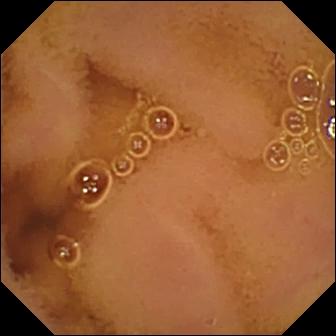Normal clean mucosa — WCE still.